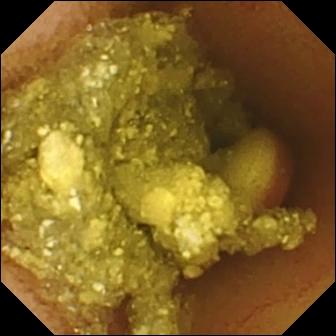Capsule endoscopy image showing foreign body (e.g. retained capsule, tablet residue).